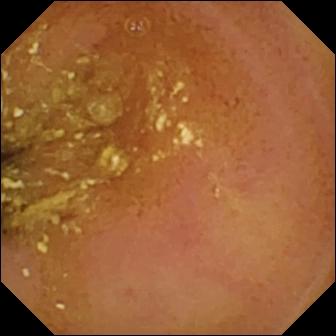- modality: WCE
- segment: small intestine
- finding: normal clean mucosa